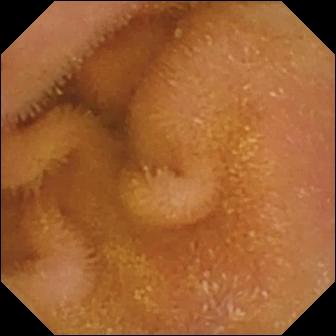Small-bowel capsule endoscopy still of the small intestine showing normal clean mucosa.